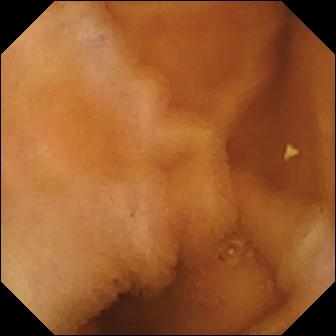This VCE frame of the small bowel shows normal clean mucosa.